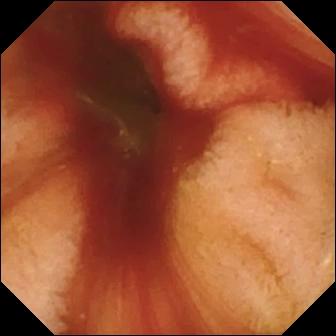- modality: WCE
- finding: fresh blood in the lumen